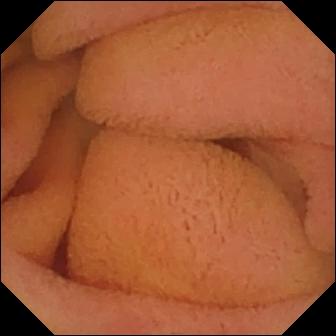Capsule endoscopy — normal clean mucosa.